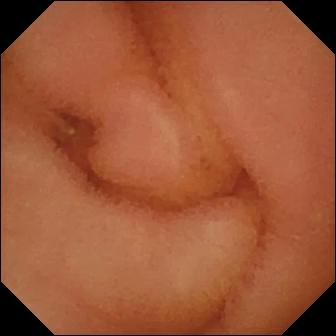modality: WCE | segment: small intestine | label: normal clean mucosa